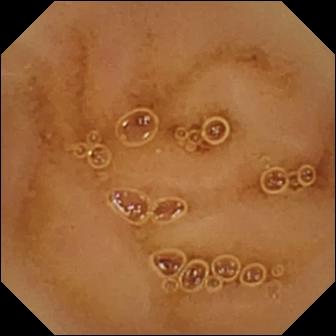{"modality": "wireless capsule endoscopy", "segment": "small bowel", "category": "luminal finding", "finding": "normal clean mucosa"}